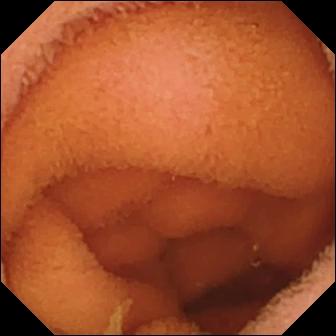WCE — normal clean mucosa.